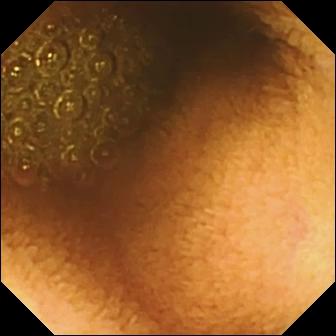VCE. Observation: reduced mucosal view (content or bubbles obscuring the mucosa).